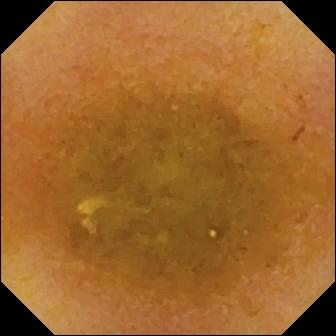Reduced mucosal view (content or bubbles obscuring the mucosa) — VCE view.